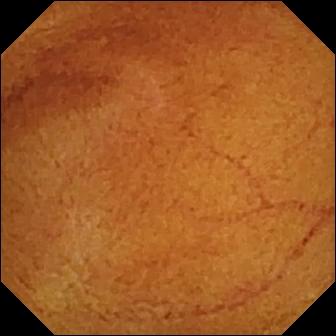Normal clean mucosa — VCE snapshot.